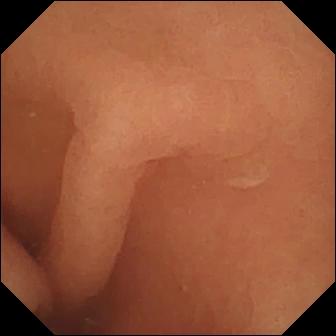Normal clean mucosa (336×336).